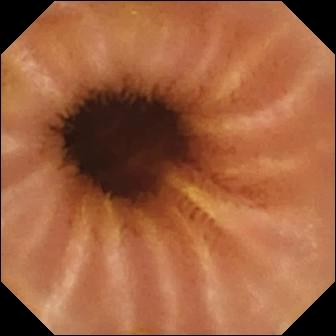Small-bowel capsule endoscopy still. Normal clean mucosa.